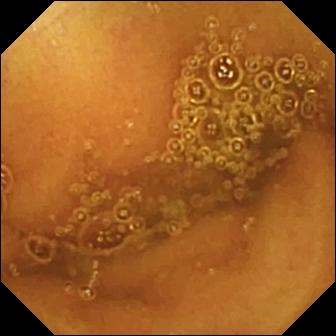Normal clean mucosa.